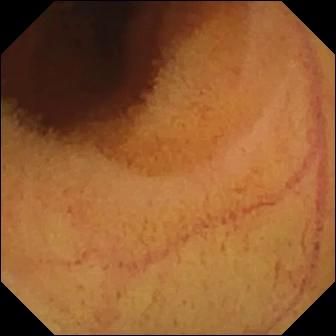Q: What does this wireless capsule endoscopy frame of the small intestine show?
A: Normal clean mucosa.